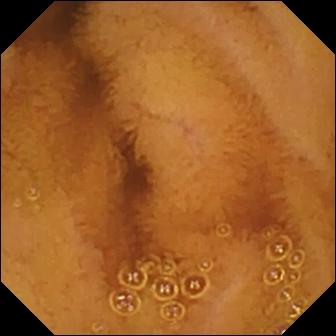This capsule endoscopy view shows normal clean mucosa.